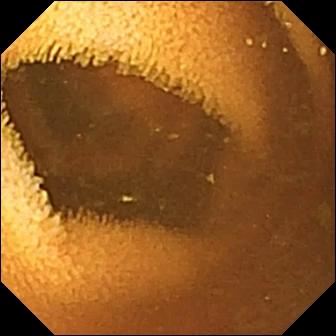Video capsule endoscopy — normal clean mucosa.